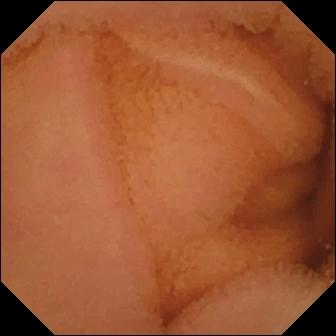{"modality": "small-bowel capsule endoscopy", "segment": "small intestine", "finding": "normal clean mucosa"}